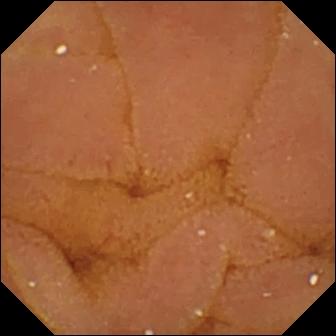Normal clean mucosa.